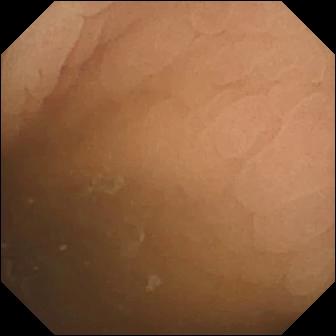modality: VCE; category: anatomical landmark; position: pylorus region